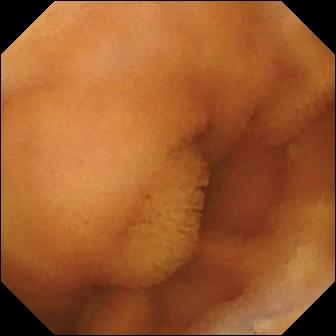WCE image, small bowel
Finding: normal clean mucosa